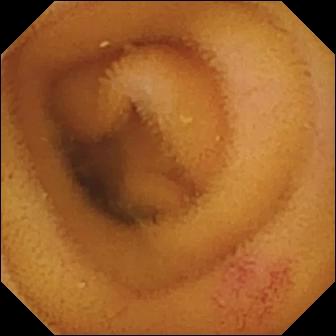Small-bowel capsule endoscopy. Luminal finding. Finding: angiectasia.